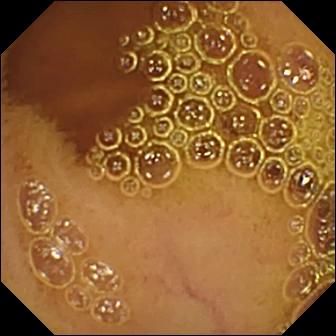This VCE image of the small bowel shows normal clean mucosa.